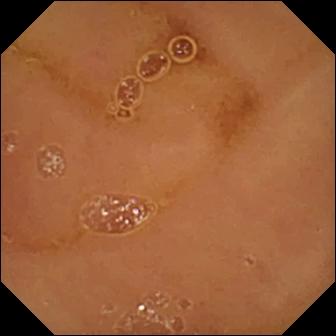modality: capsule endoscopy
segment: small intestine
label: normal clean mucosa